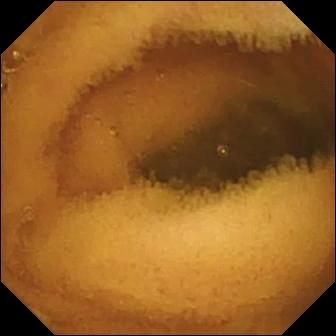Wireless capsule endoscopy frame, small intestine
Label: normal clean mucosa